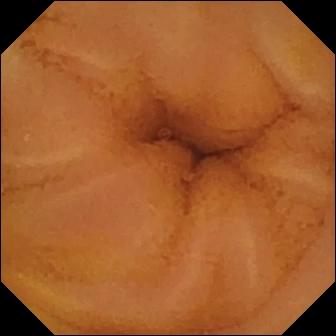Q: What does this wireless capsule endoscopy frame show?
A: Normal clean mucosa.